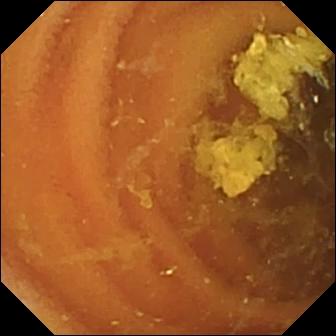Capsule endoscopy still of the small bowel showing normal clean mucosa.